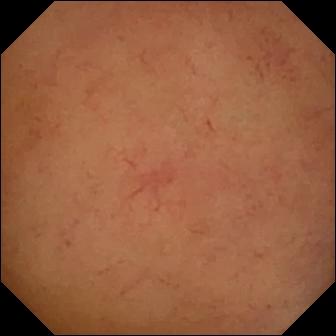PROCEDURE: Capsule endoscopy.
SEGMENT: Small intestine.
FINDINGS: Normal clean mucosa.